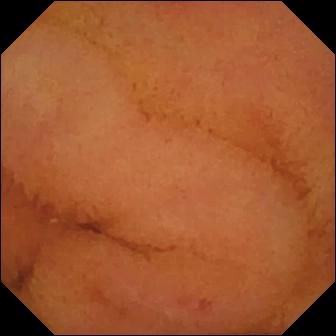Capsule endoscopy snapshot showing normal clean mucosa.